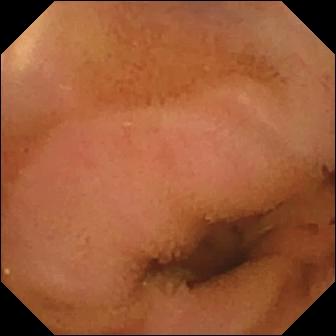- modality: wireless capsule endoscopy
- label: normal clean mucosa